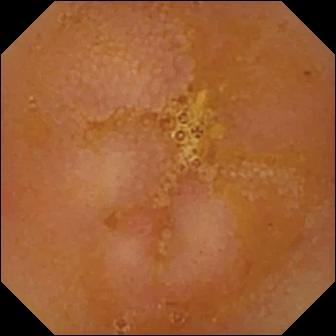PROCEDURE: Capsule endoscopy.
SEGMENT: Small intestine.
FINDINGS: Reduced mucosal view (content or bubbles obscuring the mucosa).